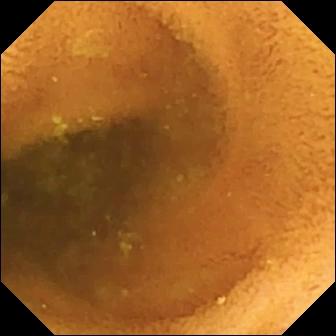This WCE image shows normal clean mucosa.